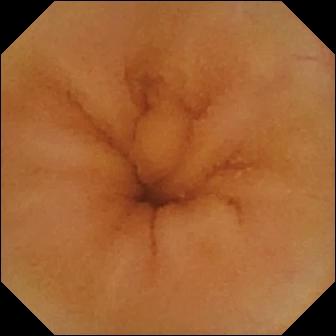Q: What does this capsule endoscopy snapshot of the small bowel show?
A: Normal clean mucosa.